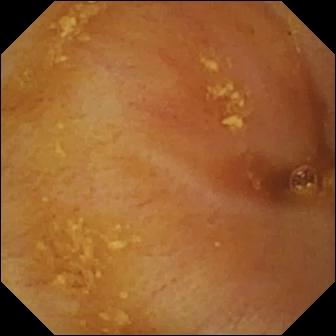Wireless capsule endoscopy snapshot taken in the ileo-cecal valve region.